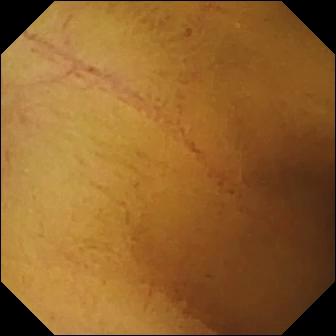Wireless capsule endoscopy — normal clean mucosa.